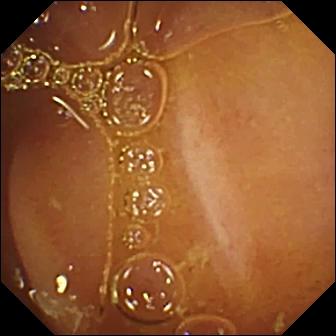Wireless capsule endoscopy. Small bowel. Finding: normal clean mucosa.